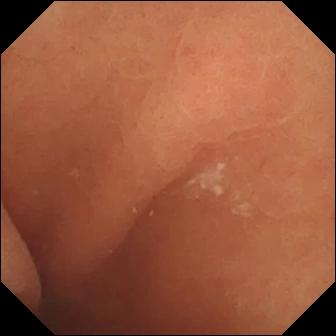Capsule endoscopy frame
Label: normal clean mucosa